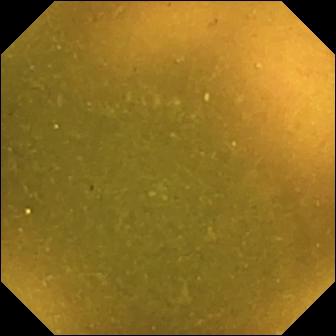{"modality": "wireless capsule endoscopy", "video_segment": "ileo-cecal valve region (where the capsule passes from the small bowel into the large bowel)"}